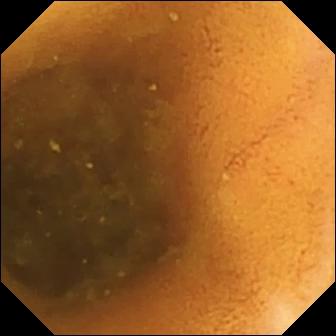This small-bowel capsule endoscopy still of the small bowel shows normal clean mucosa.